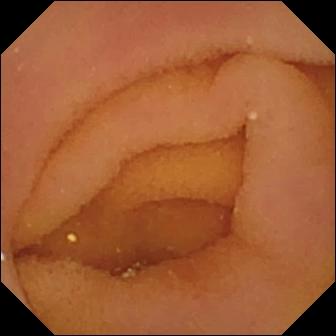Pylorus region (where the capsule passes from the stomach into the small bowel) — capsule endoscopy view.